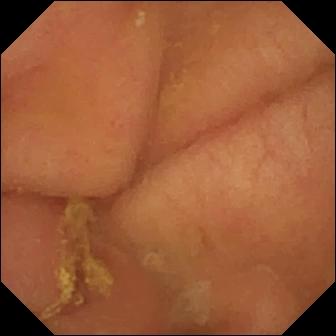Pylorus region (where the capsule passes from the stomach into the small bowel).